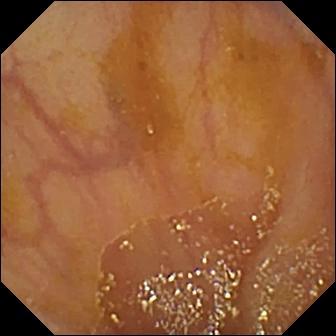This WCE view was taken in the ileo-cecal valve region (where the capsule passes from the small bowel into the large bowel).